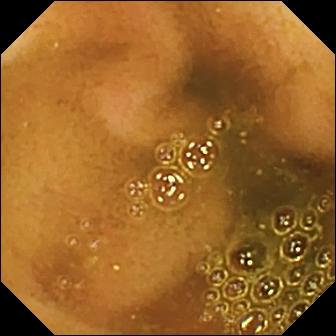This capsule endoscopy view was taken in the ileo-cecal valve region (the transition from the small bowel to the large bowel).